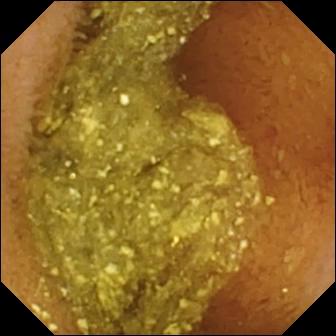modality: video capsule endoscopy
impression: normal clean mucosa